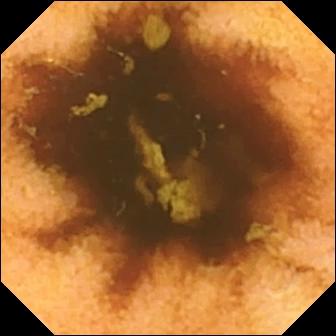modality: capsule endoscopy | category: luminal finding | finding: normal clean mucosa